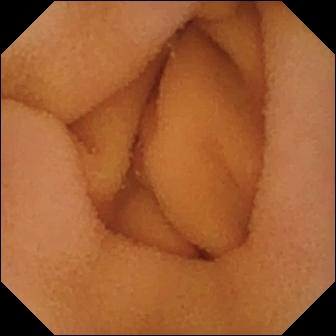VCE view, small intestine
Finding: normal clean mucosa